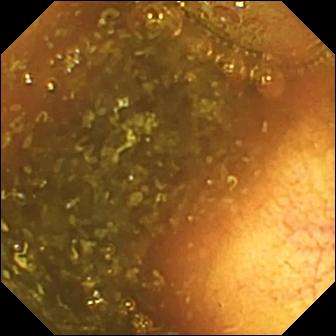{"modality": "WCE", "category": "anatomical landmark", "label": "ileo-cecal valve region"}